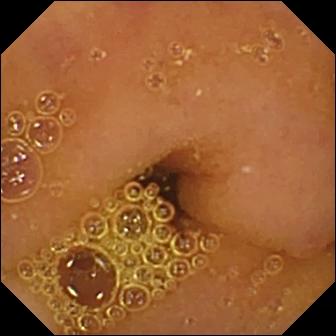Video capsule endoscopy still, small intestine
Impression: normal clean mucosa